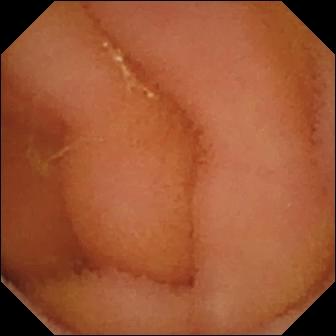- modality: WCE
- impression: normal clean mucosa